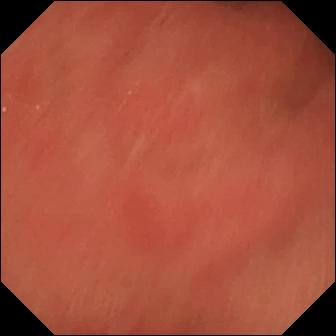Video capsule endoscopy snapshot. Taken in the pylorus region (where the capsule passes from the stomach into the small bowel).